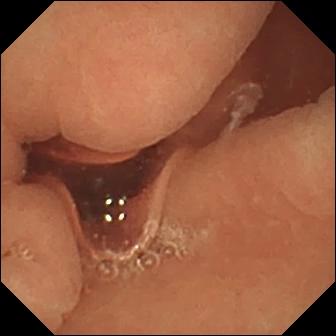Normal clean mucosa — video capsule endoscopy frame.